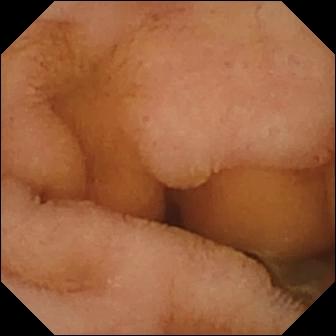modality: wireless capsule endoscopy | segment: small bowel | impression: normal clean mucosa